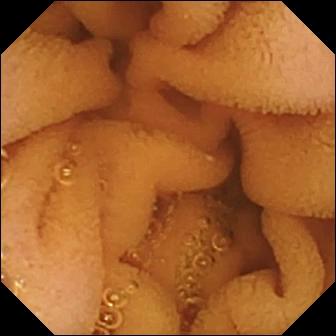Q: What does this small-bowel capsule endoscopy snapshot of the small intestine show?
A: Normal clean mucosa.